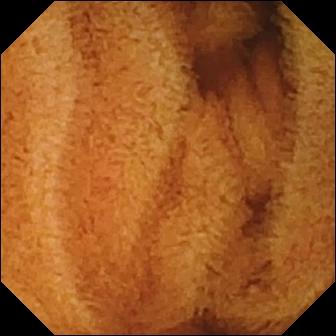WCE. Luminal finding. Observation: normal clean mucosa.